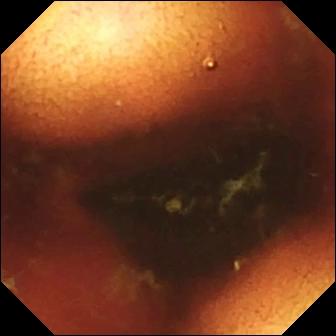Video capsule endoscopy frame. Taken in the ileo-cecal valve region.